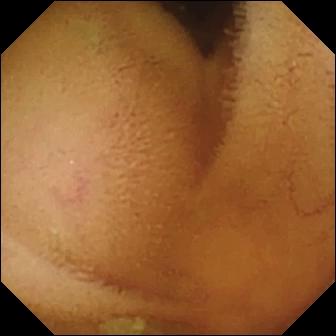PROCEDURE: Wireless capsule endoscopy.
SEGMENT: Small bowel.
FINDINGS: Normal clean mucosa.